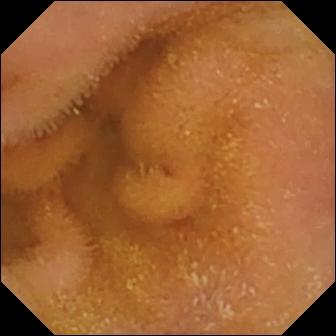- modality: small-bowel capsule endoscopy
- category: luminal finding
- label: normal clean mucosa